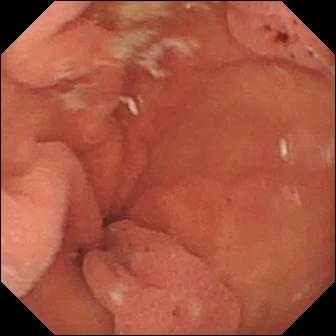WCE. Luminal finding. Impression: hematin (altered blood) on the mucosal surface.